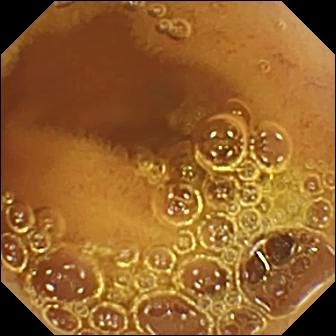modality: capsule endoscopy | finding: normal clean mucosa